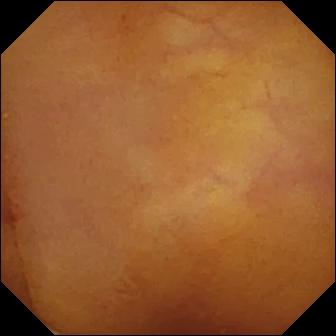{"modality": "small-bowel capsule endoscopy", "segment": "small bowel", "finding": "normal clean mucosa"}